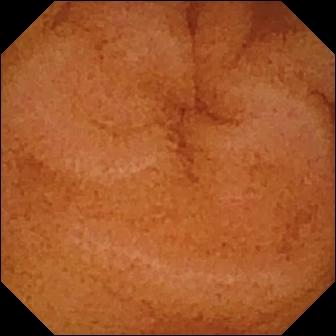Video capsule endoscopy — normal clean mucosa.